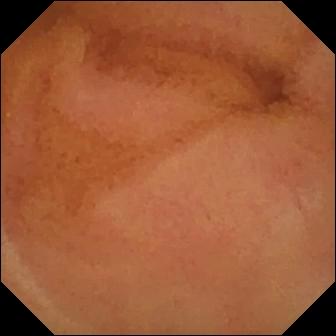Normal clean mucosa.